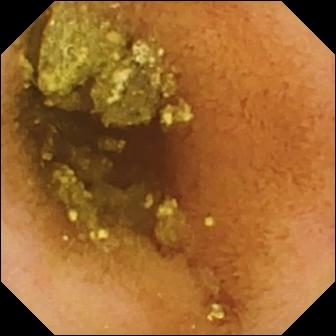Small-bowel capsule endoscopy. Impression: normal clean mucosa.